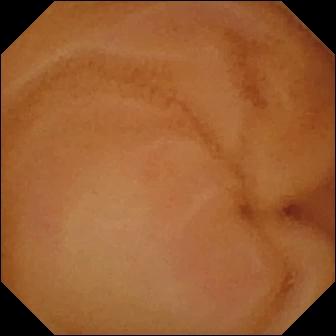- modality: small-bowel capsule endoscopy
- segment: small intestine
- observation: normal clean mucosa